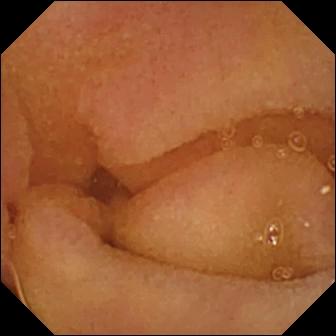WCE frame, small bowel
Observation: normal clean mucosa